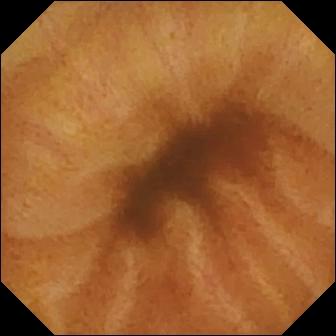Wireless capsule endoscopy. Label: normal clean mucosa.